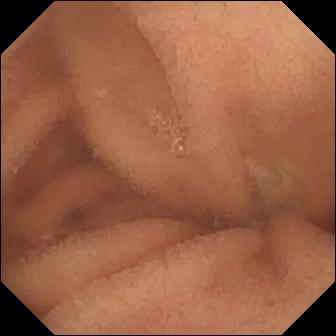Wireless capsule endoscopy — normal clean mucosa.